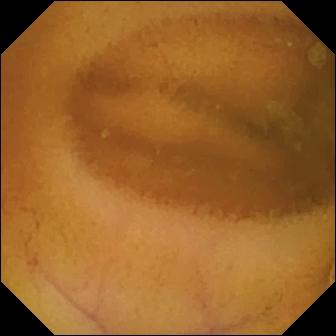This capsule endoscopy snapshot shows normal clean mucosa.